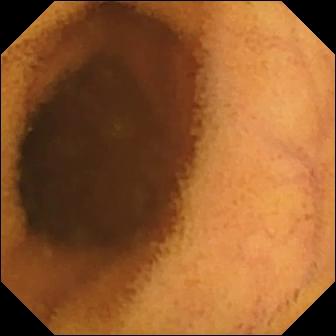- modality: WCE
- finding: normal clean mucosa